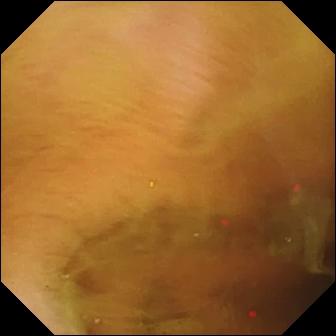Normal clean mucosa — small-bowel capsule endoscopy view.